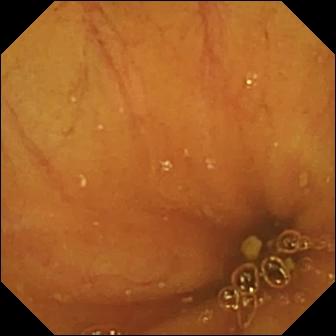- modality: wireless capsule endoscopy
- location: ileo-cecal valve region (where the capsule passes from the small bowel into the large bowel)